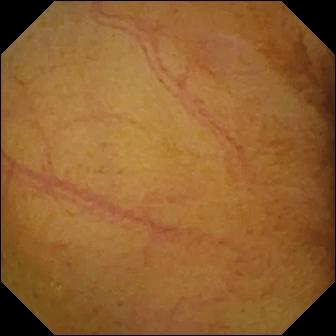This capsule endoscopy view of the small bowel shows normal clean mucosa.